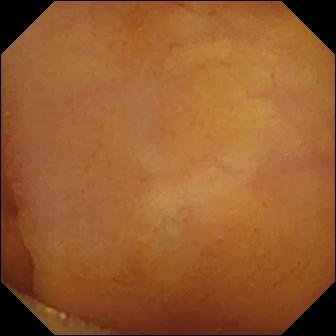WCE snapshot showing normal clean mucosa.